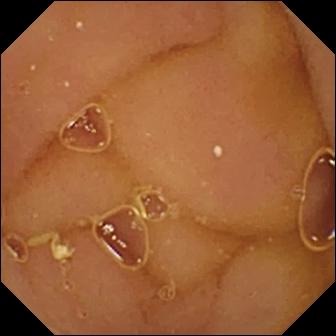VCE. Small intestine. Impression: normal clean mucosa.